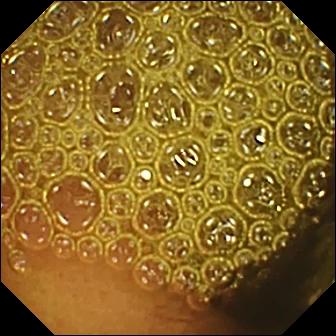WCE still showing reduced mucosal view (content or bubbles obscuring the mucosa).